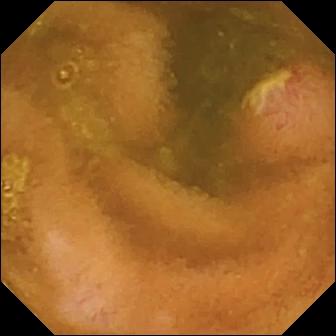WCE. Luminal finding. Finding: ulcer.